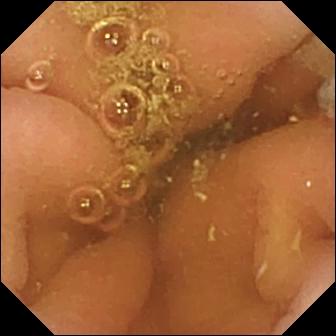WCE. Near an anatomical landmark. Video segment: pylorus region (the junction between the stomach and the small bowel).